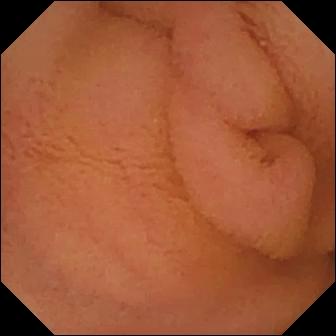modality: small-bowel capsule endoscopy | segment: small intestine | category: luminal finding | impression: normal clean mucosa